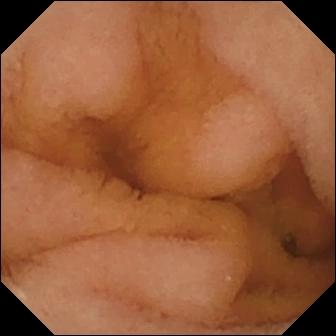Video capsule endoscopy. Small intestine. Luminal finding. Finding: normal clean mucosa.